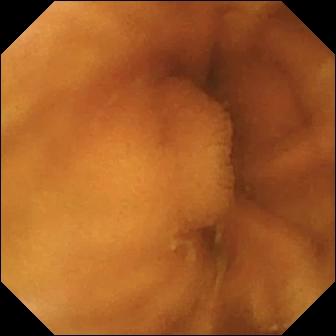Capsule endoscopy. Small intestine. Finding: normal clean mucosa.